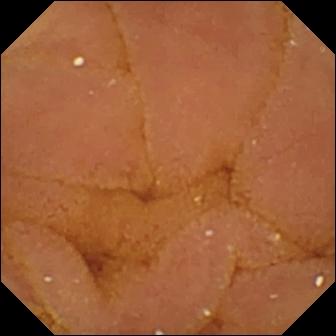VCE — normal clean mucosa.